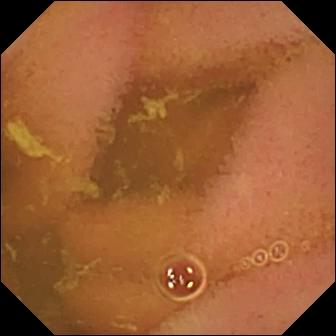Wireless capsule endoscopy snapshot
Finding: normal clean mucosa